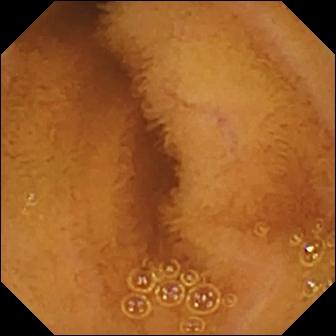WCE. Small intestine. Luminal finding. Label: normal clean mucosa.